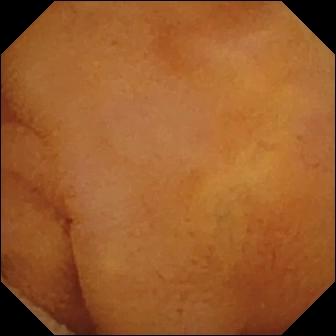WCE. Finding: normal clean mucosa.